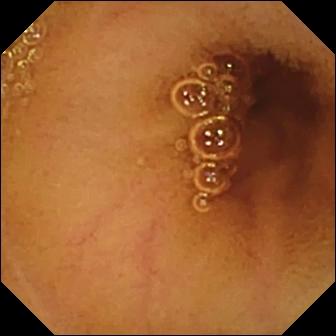VCE snapshot (small bowel), 336×336. Normal clean mucosa.